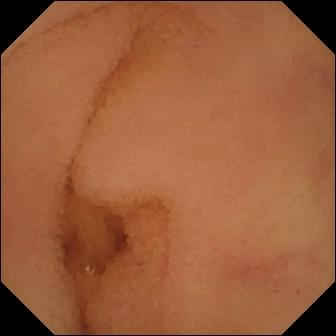Video capsule endoscopy. Small intestine. Observation: normal clean mucosa.